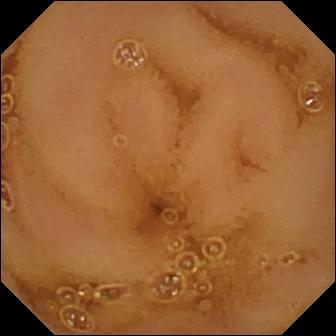Video capsule endoscopy. Small intestine. Label: normal clean mucosa.